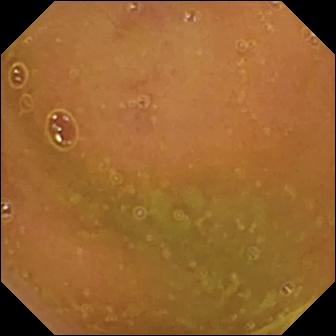- modality: small-bowel capsule endoscopy
- category: luminal finding
- observation: normal clean mucosa